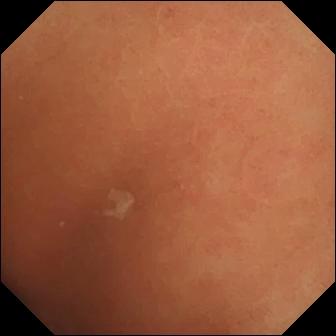Small-bowel capsule endoscopy snapshot showing normal clean mucosa.